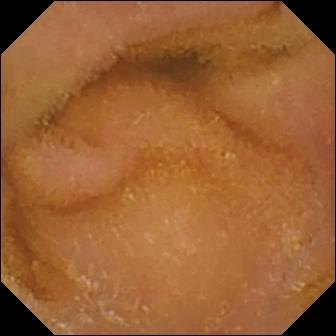PROCEDURE: Wireless capsule endoscopy.
SEGMENT: Small bowel.
FINDINGS: Normal clean mucosa.